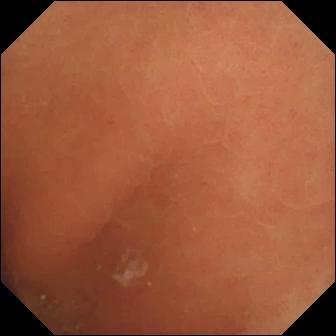Wireless capsule endoscopy image, 336×336. Normal clean mucosa.